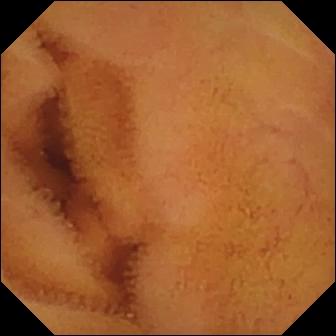Small-bowel capsule endoscopy — normal clean mucosa.